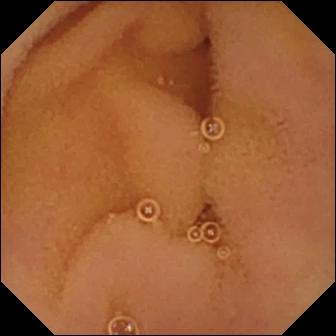Small-bowel capsule endoscopy image
Observation: normal clean mucosa